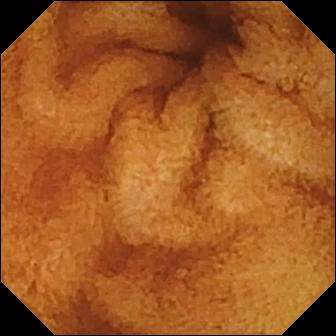{"modality": "WCE", "finding": "normal clean mucosa"}